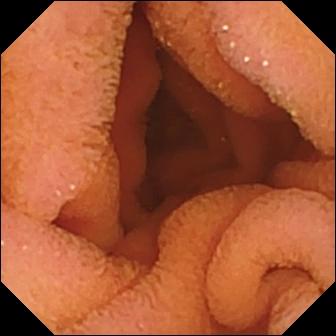This capsule endoscopy snapshot shows normal clean mucosa.